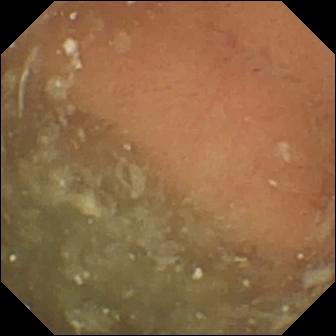Wireless capsule endoscopy snapshot showing normal clean mucosa.